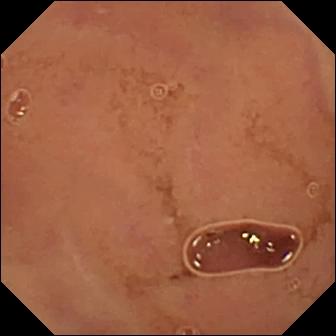Q: What does this small-bowel capsule endoscopy view of the small intestine show?
A: Normal clean mucosa.